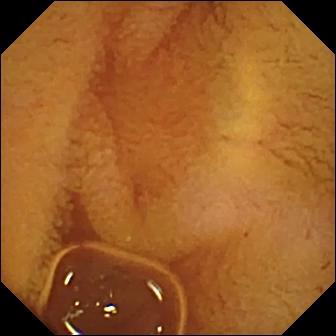This small-bowel capsule endoscopy image of the small intestine shows normal clean mucosa.